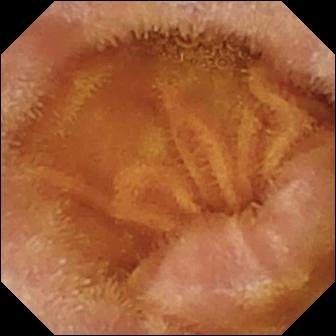PROCEDURE: Wireless capsule endoscopy.
SEGMENT: Small bowel.
FINDINGS: Normal clean mucosa.